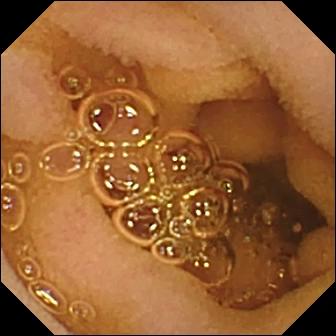Normal clean mucosa — video capsule endoscopy snapshot.